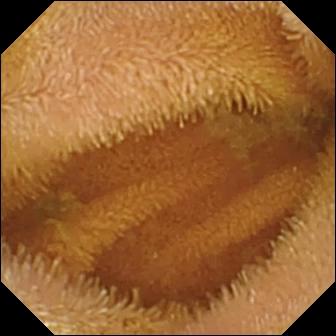{"modality": "WCE", "segment": "small bowel", "category": "luminal finding", "finding": "normal clean mucosa"}